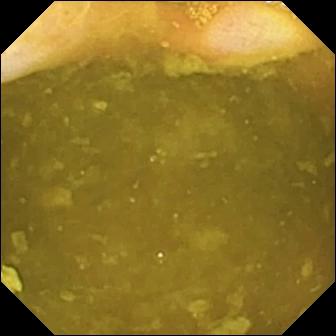{"modality": "WCE", "label": "ileo-cecal valve region (where the capsule passes from the small bowel into the large bowel)"}